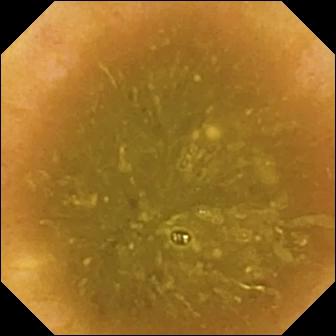Q: Where in the digestive tract was this small-bowel capsule endoscopy view taken?
A: Ileo-cecal valve region (the transition from the small bowel to the large bowel).